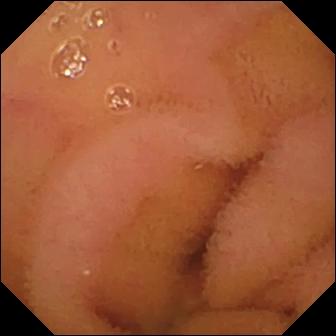Wireless capsule endoscopy — normal clean mucosa.